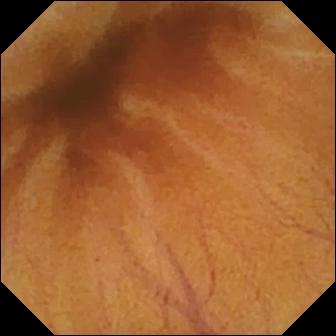- modality: small-bowel capsule endoscopy
- segment: small intestine
- category: luminal finding
- label: normal clean mucosa